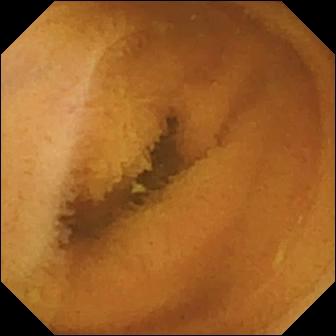VCE. Small intestine. Impression: normal clean mucosa.